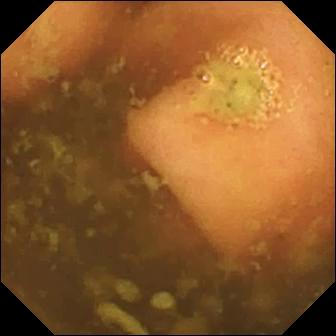Capsule endoscopy still taken in the ileo-cecal valve region (where the capsule passes from the small bowel into the large bowel).